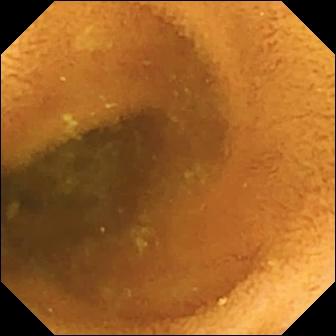Q: What does this VCE frame of the small intestine show?
A: Normal clean mucosa.